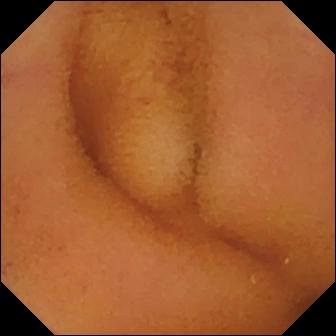{"modality": "small-bowel capsule endoscopy", "segment": "small bowel", "finding": "normal clean mucosa"}